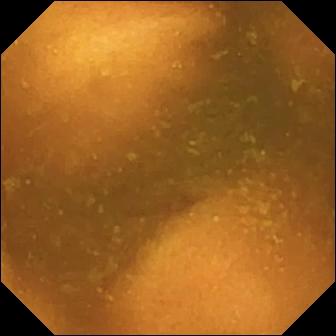WCE. Luminal finding. Observation: normal clean mucosa.